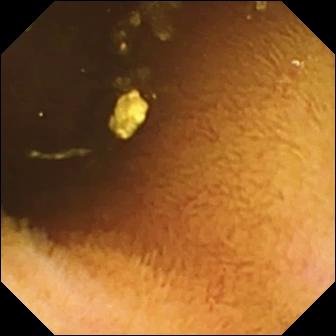Normal clean mucosa (336×336).